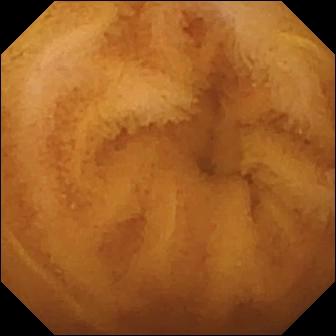Wireless capsule endoscopy snapshot. Normal clean mucosa.